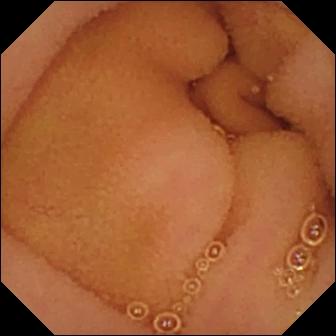Wireless capsule endoscopy snapshot. Normal clean mucosa.